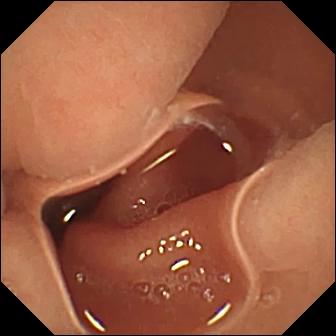Video capsule endoscopy image. Normal clean mucosa.